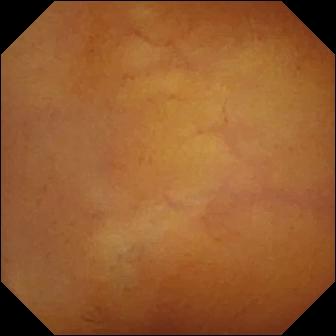Capsule endoscopy snapshot, 336×336. Normal clean mucosa.